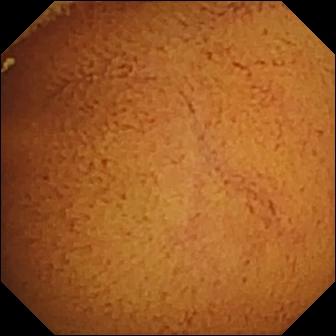VCE image, small intestine
Observation: normal clean mucosa